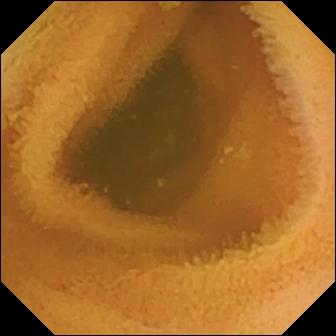modality: capsule endoscopy; category: luminal finding; finding: normal clean mucosa